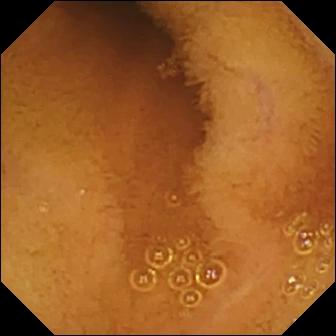{"modality": "wireless capsule endoscopy", "category": "luminal finding", "finding": "normal clean mucosa"}